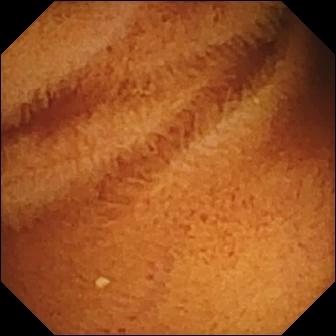Small-bowel capsule endoscopy. Small intestine. Luminal finding. Observation: normal clean mucosa.